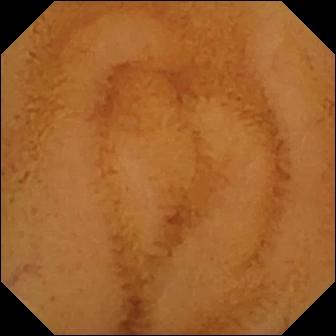- modality: capsule endoscopy
- category: luminal finding
- impression: normal clean mucosa